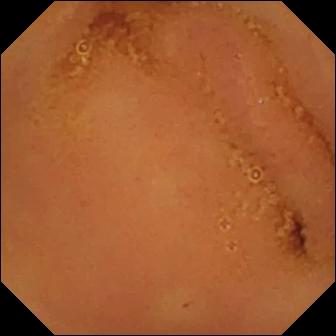Q: What does this VCE image show?
A: Normal clean mucosa.